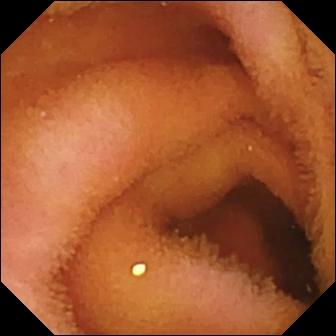Wireless capsule endoscopy image of the small bowel showing normal clean mucosa.